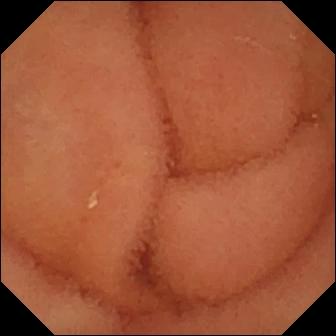PROCEDURE: Wireless capsule endoscopy.
SEGMENT: Small bowel.
FINDINGS: Normal clean mucosa.